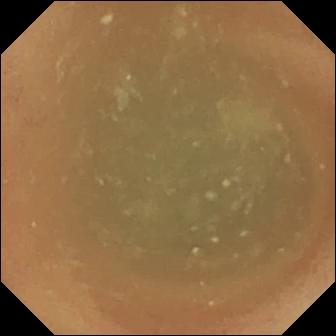PROCEDURE: WCE.
SEGMENT: Small intestine.
FINDINGS: Normal clean mucosa.